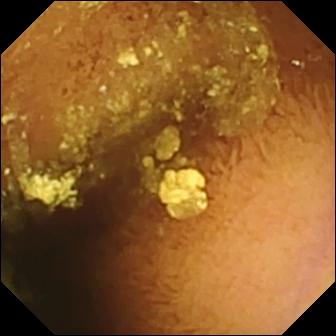WCE view. Normal clean mucosa.